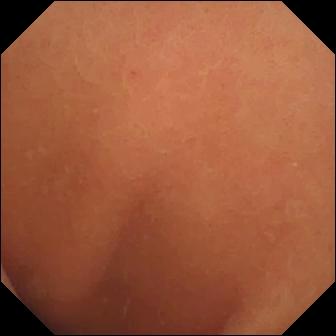Normal clean mucosa — wireless capsule endoscopy still.